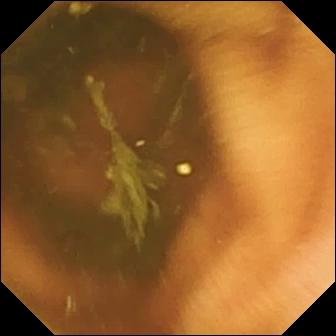Wireless capsule endoscopy image. Taken in the ileo-cecal valve region (the transition from the small bowel to the large bowel).